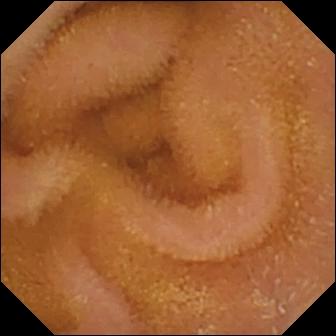This video capsule endoscopy still of the small bowel shows normal clean mucosa.